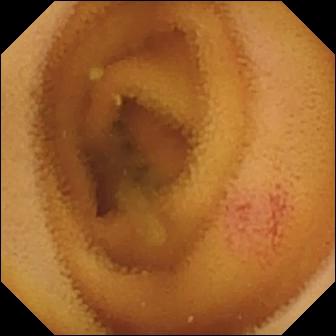Angiectasia — video capsule endoscopy still.